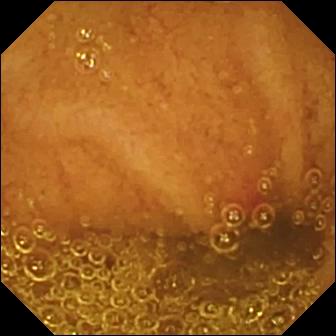Angiectasia (336×336).